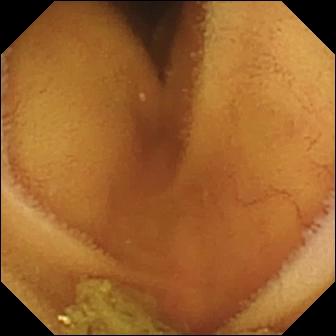Q: What does this WCE still of the small intestine show?
A: Normal clean mucosa.